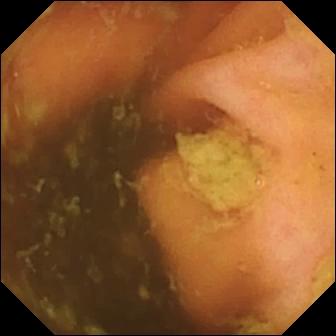modality: VCE
video segment: ileo-cecal valve region (where the capsule passes from the small bowel into the large bowel)